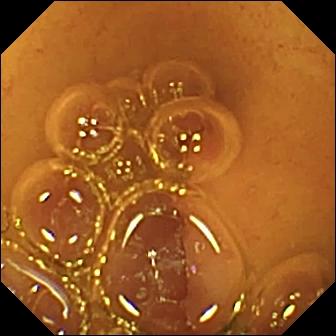Normal clean mucosa — wireless capsule endoscopy frame.